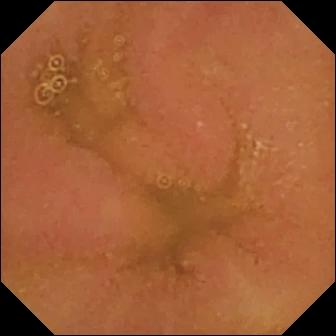This wireless capsule endoscopy frame of the small bowel shows normal clean mucosa.